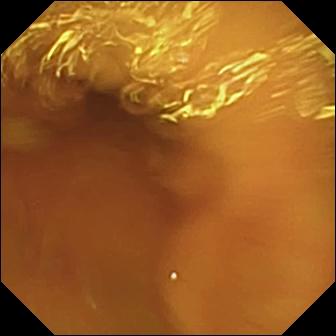Normal clean mucosa (336×336).